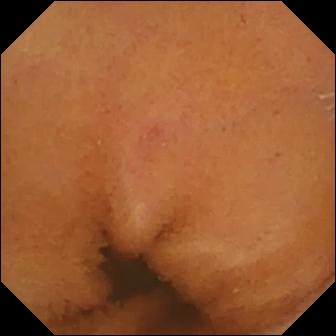Q: What does this wireless capsule endoscopy frame show?
A: Normal clean mucosa.